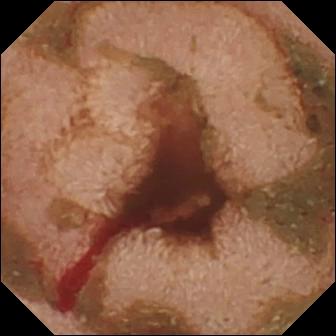Video capsule endoscopy snapshot. Fresh blood in the lumen.